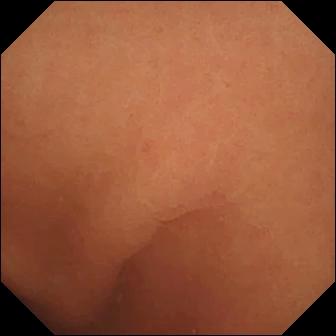{"modality": "capsule endoscopy", "category": "luminal finding", "finding": "normal clean mucosa"}